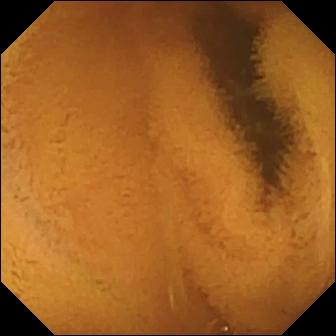Normal clean mucosa — WCE view.